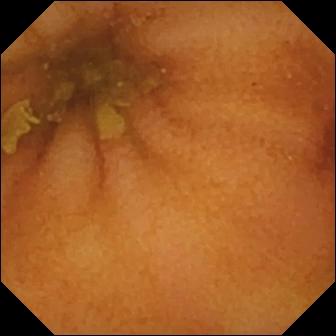Capsule endoscopy still of the small bowel showing normal clean mucosa.